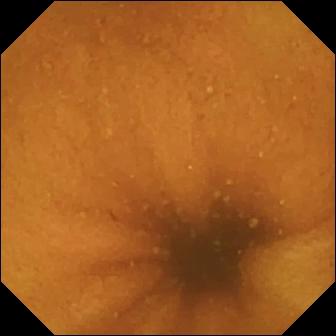- modality: video capsule endoscopy
- segment: small intestine
- category: luminal finding
- impression: normal clean mucosa